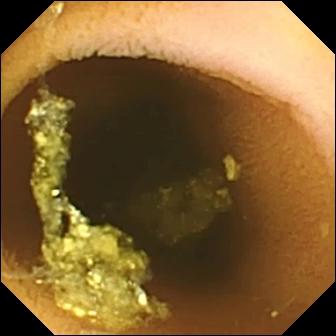This wireless capsule endoscopy view of the small intestine shows normal clean mucosa.